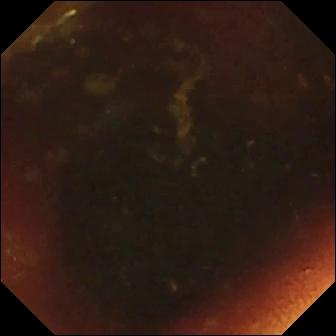Capsule endoscopy frame taken in the ileo-cecal valve region.